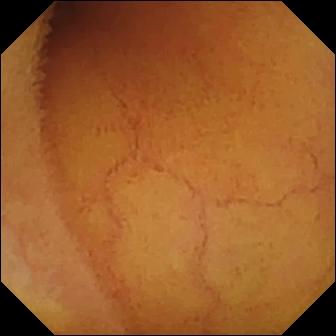Q: What does this wireless capsule endoscopy view of the small bowel show?
A: Normal clean mucosa.